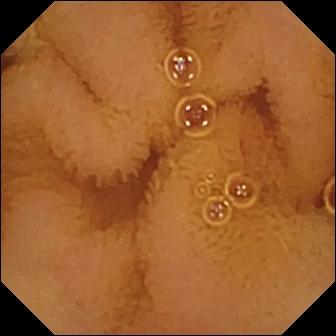Wireless capsule endoscopy — normal clean mucosa.